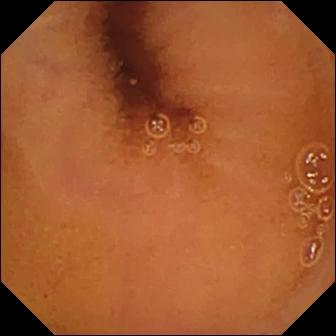Normal clean mucosa.